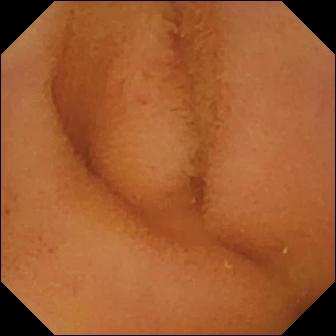VCE snapshot. Normal clean mucosa.